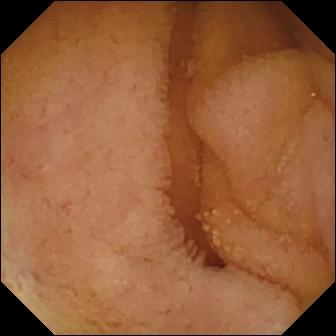Normal clean mucosa (336×336).